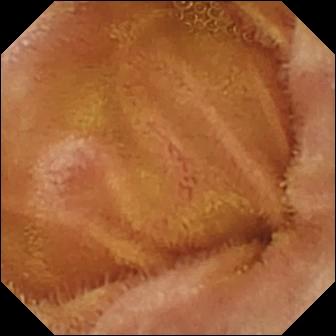PROCEDURE: WCE.
FINDINGS: Normal clean mucosa.